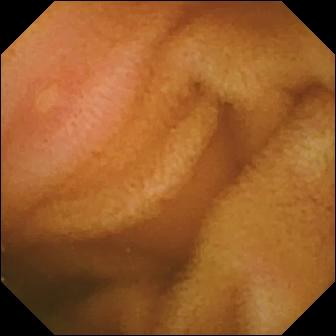PROCEDURE: Video capsule endoscopy.
FINDINGS: Erosion.